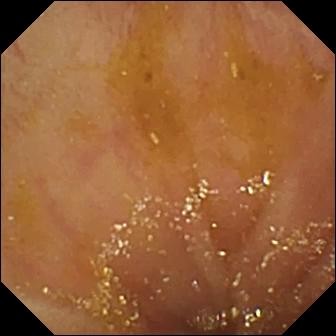Ileo-cecal valve region (where the capsule passes from the small bowel into the large bowel), 336×336.